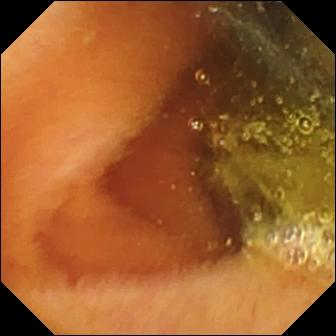VCE — normal clean mucosa.